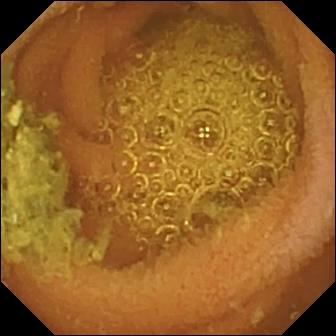Small-bowel capsule endoscopy. Label: normal clean mucosa.